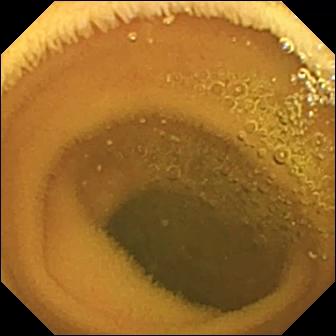{"modality": "wireless capsule endoscopy", "segment": "small bowel", "category": "luminal finding", "finding": "normal clean mucosa"}